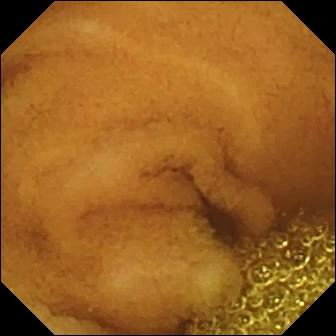- modality: WCE
- observation: normal clean mucosa